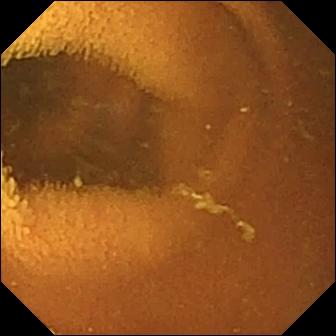Video capsule endoscopy view. Normal clean mucosa.